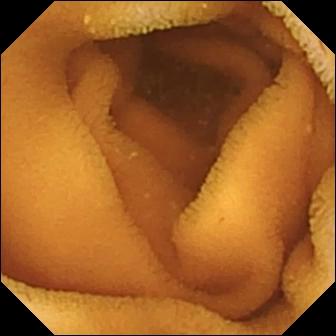Wireless capsule endoscopy view. Normal clean mucosa.